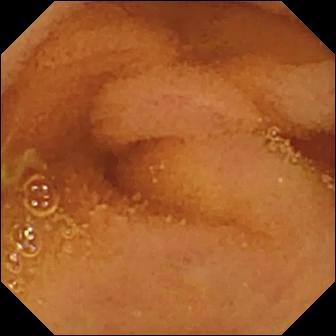Capsule endoscopy still of the small bowel showing normal clean mucosa.